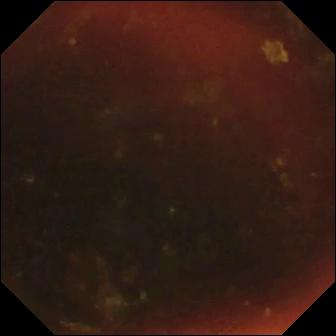Q: Where in the digestive tract was this WCE view taken?
A: Ileo-cecal valve region (the transition from the small bowel to the large bowel).